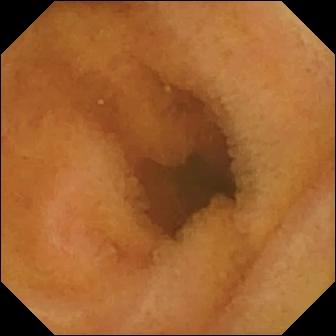Q: What does this WCE frame show?
A: Normal clean mucosa.